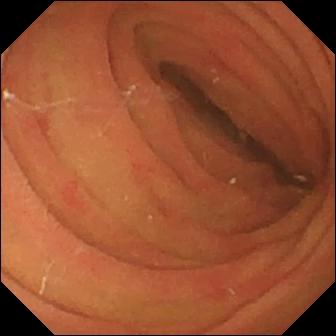WCE frame taken in the pylorus region (the junction between the stomach and the small bowel).